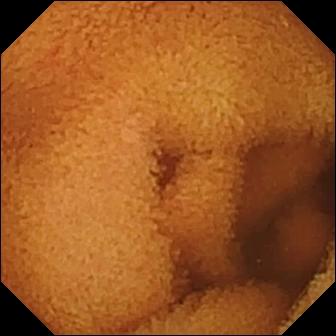Normal clean mucosa.